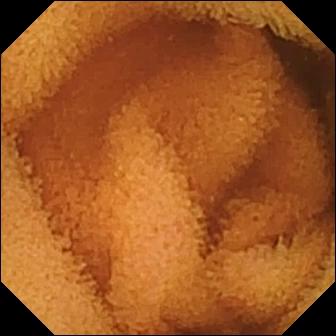Normal clean mucosa.